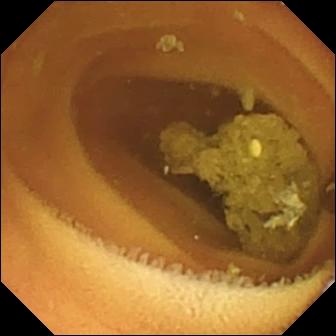Normal clean mucosa — wireless capsule endoscopy frame of the small bowel.